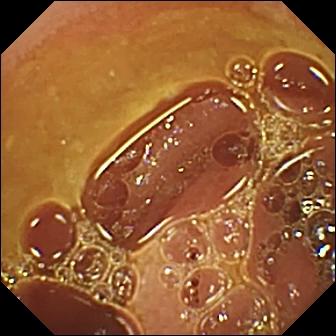Video capsule endoscopy still showing normal clean mucosa.